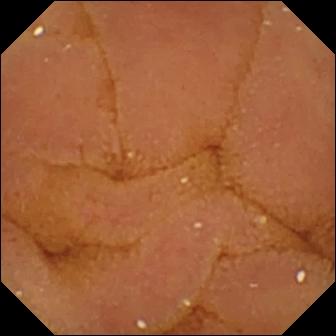Normal clean mucosa — VCE still of the small bowel.